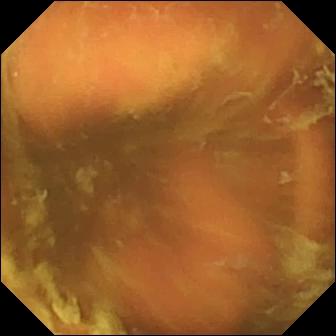- modality: video capsule endoscopy
- label: ileo-cecal valve region (where the capsule passes from the small bowel into the large bowel)